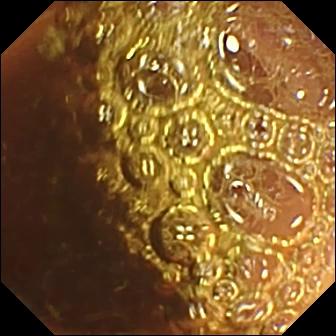WCE view, small bowel
Finding: normal clean mucosa